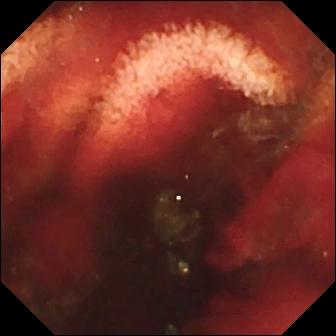WCE view. Fresh blood in the lumen.